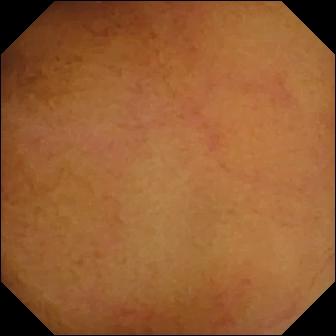{"modality": "WCE", "finding": "normal clean mucosa"}